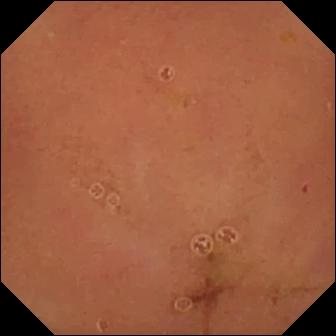Normal clean mucosa (336×336).